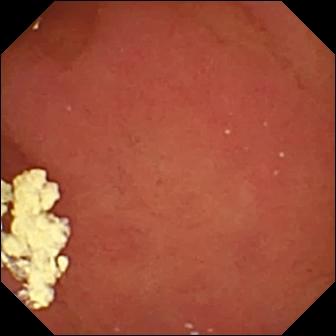- modality: small-bowel capsule endoscopy
- label: pylorus region